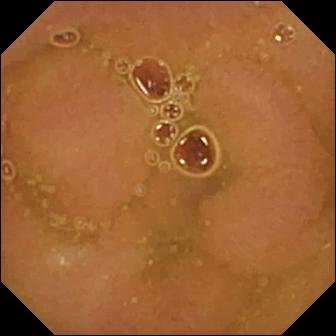Video capsule endoscopy still showing normal clean mucosa.